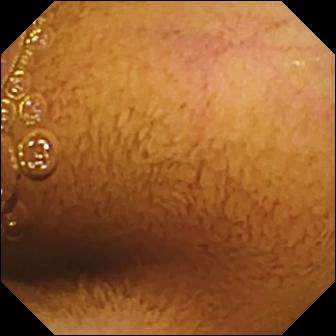Normal clean mucosa — VCE still of the small intestine.